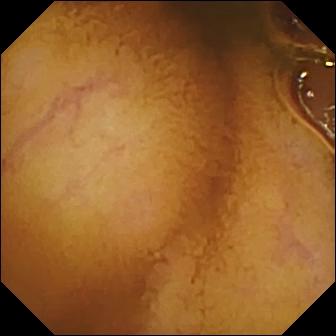This WCE frame of the small bowel shows normal clean mucosa.